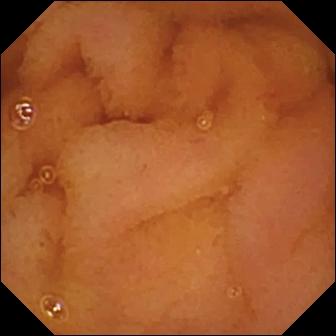modality: WCE | observation: normal clean mucosa